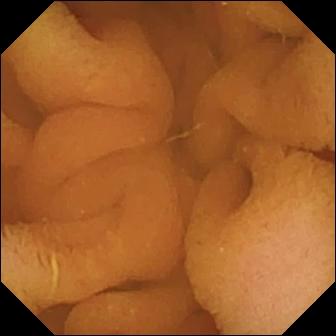Small-bowel capsule endoscopy frame
Finding: normal clean mucosa